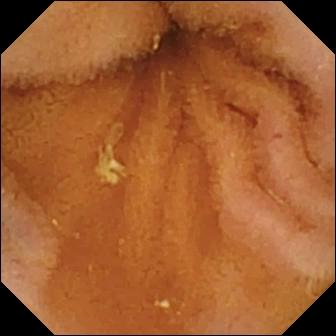Q: What does this capsule endoscopy image show?
A: Normal clean mucosa.